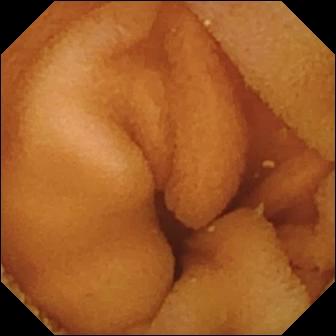- modality: VCE
- impression: normal clean mucosa